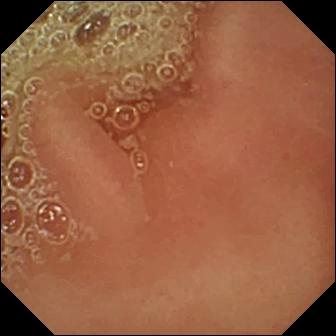VCE still taken in the pylorus region.